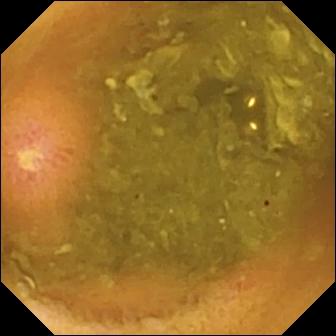modality: small-bowel capsule endoscopy | category: luminal finding | label: ulcer